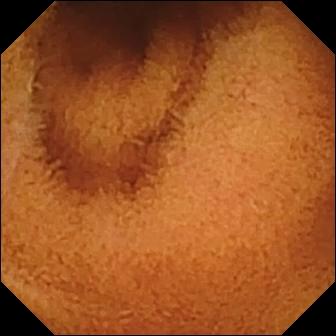WCE — normal clean mucosa.